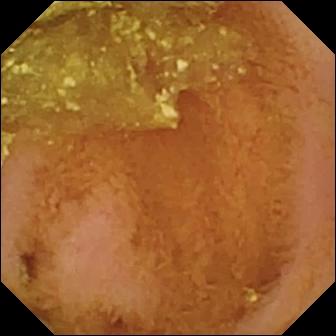Normal clean mucosa — capsule endoscopy still.